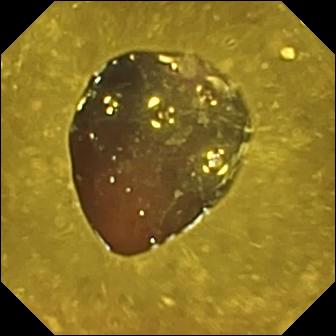modality: VCE | finding: reduced mucosal view (content or bubbles obscuring the mucosa)